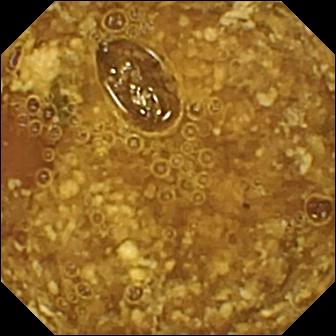- modality: VCE
- impression: reduced mucosal view (content or bubbles obscuring the mucosa)